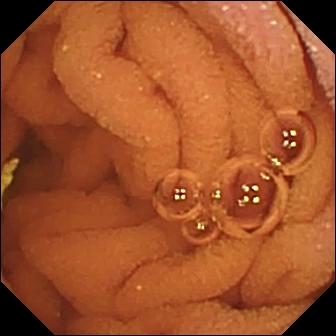Q: What does this small-bowel capsule endoscopy view show?
A: Normal clean mucosa.